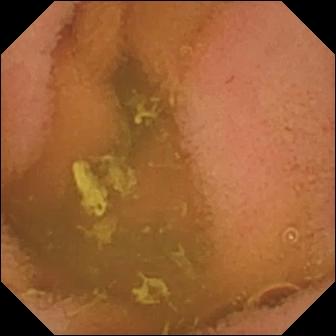- modality: WCE
- segment: small bowel
- label: normal clean mucosa